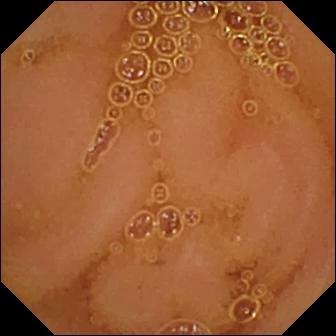- modality: wireless capsule endoscopy
- category: luminal finding
- label: normal clean mucosa